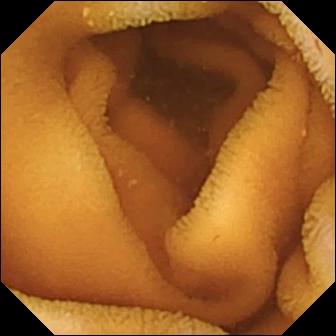Q: What does this small-bowel capsule endoscopy snapshot show?
A: Normal clean mucosa.